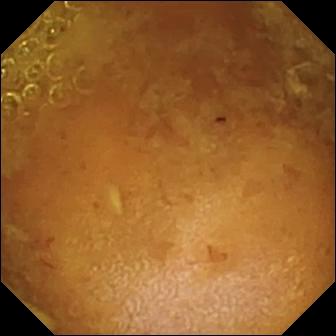Q: What does this WCE view show?
A: Reduced mucosal view (content or bubbles obscuring the mucosa).